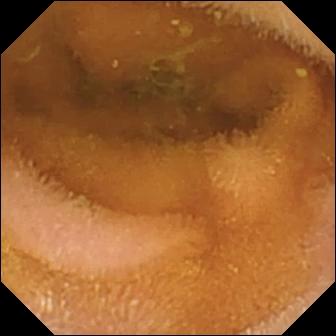{"modality": "video capsule endoscopy", "finding": "normal clean mucosa"}